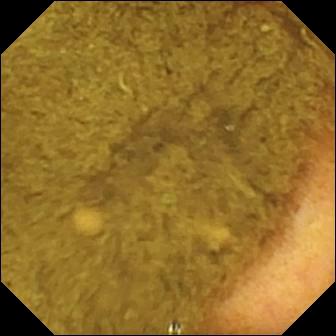PROCEDURE: Video capsule endoscopy.
VIDEO SEGMENT: Ileo-cecal valve region (where the capsule passes from the small bowel into the large bowel).